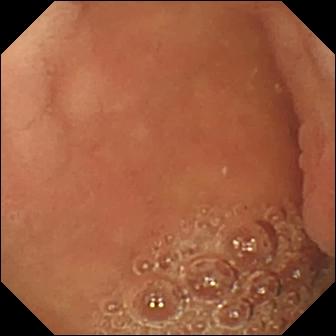This capsule endoscopy frame was taken in the pylorus region (where the capsule passes from the stomach into the small bowel).